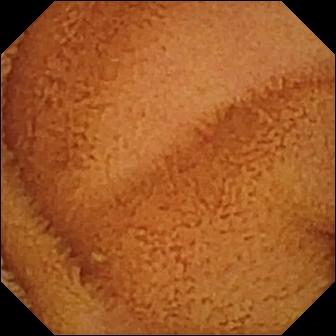Normal clean mucosa.